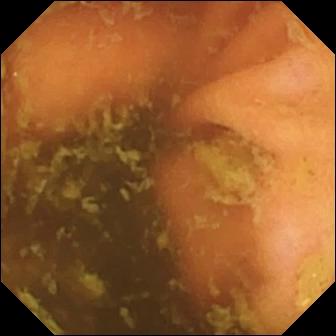VCE — ileo-cecal valve region (where the capsule passes from the small bowel into the large bowel).